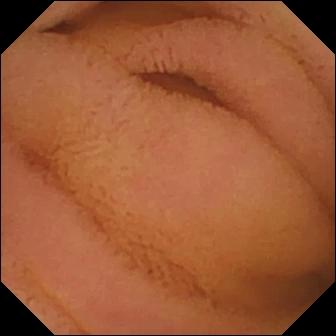Normal clean mucosa — WCE still.